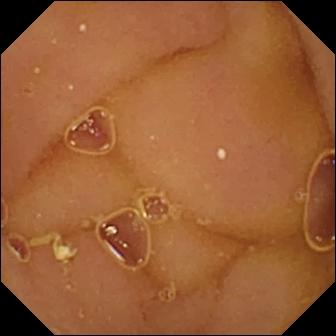VCE — normal clean mucosa.